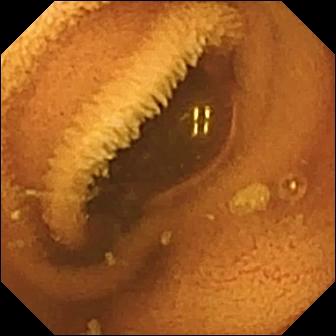Video capsule endoscopy. Luminal finding. Label: normal clean mucosa.